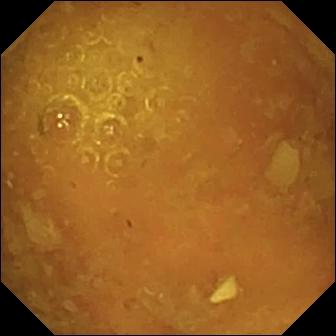Wireless capsule endoscopy — reduced mucosal view (content or bubbles obscuring the mucosa).